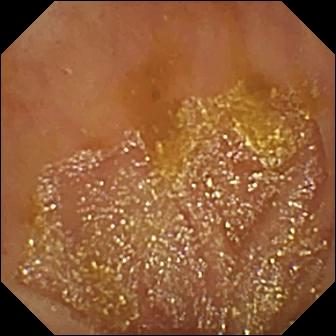Q: Where in the digestive tract was this wireless capsule endoscopy view taken?
A: Ileo-cecal valve region (where the capsule passes from the small bowel into the large bowel).